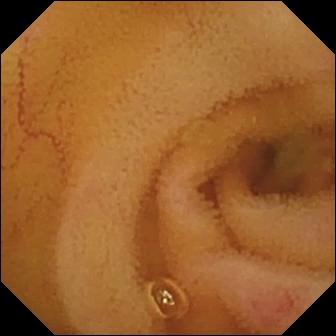Angiectasia.